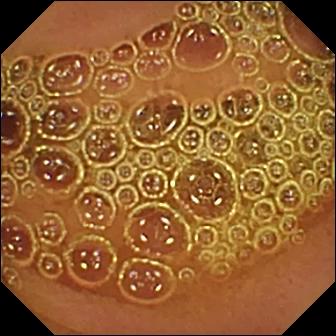Video capsule endoscopy snapshot. Normal clean mucosa.